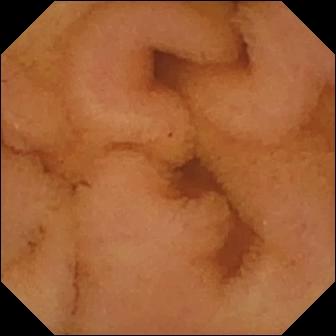Video capsule endoscopy still, small intestine
Finding: normal clean mucosa